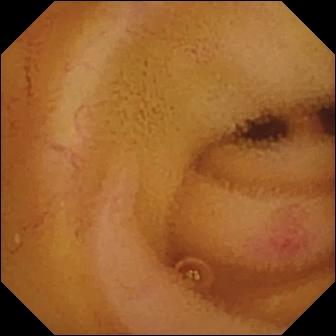WCE still. Angiectasia.